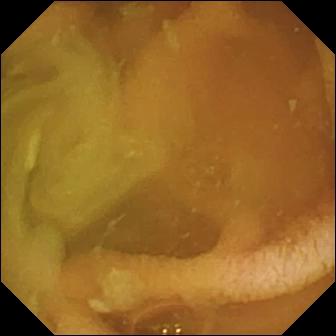PROCEDURE: VCE.
FINDINGS: Normal clean mucosa.